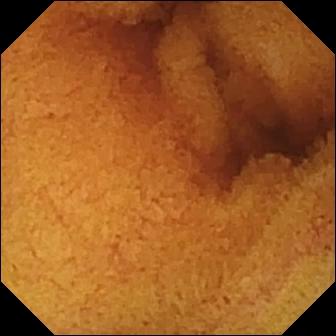Wireless capsule endoscopy. Small bowel. Label: normal clean mucosa.